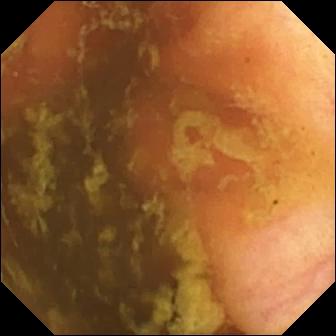WCE view. Taken in the ileo-cecal valve region.